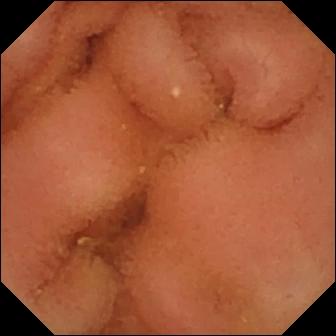Q: What does this small-bowel capsule endoscopy view show?
A: Normal clean mucosa.